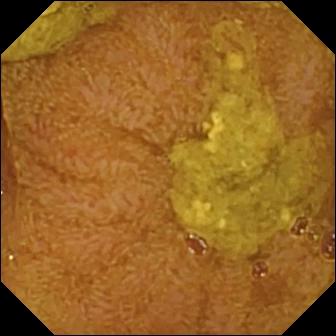Ileo-cecal valve region (where the capsule passes from the small bowel into the large bowel), 336×336.